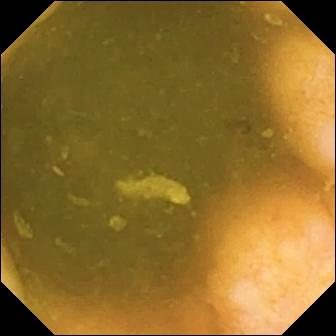Video capsule endoscopy frame
Location: ileo-cecal valve region